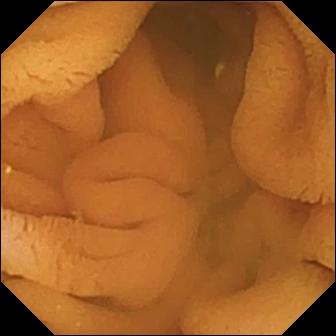Normal clean mucosa (336×336).